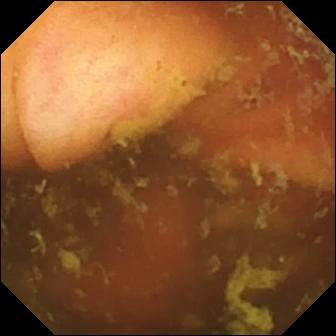PROCEDURE: VCE.
POSITION: Ileo-cecal valve region.